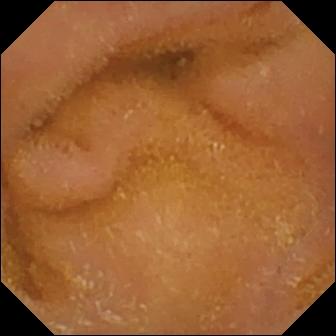Capsule endoscopy image
Finding: normal clean mucosa